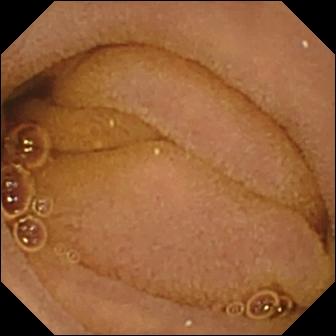This VCE image shows normal clean mucosa.